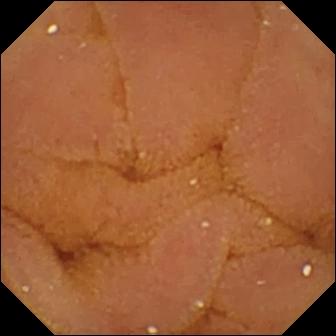Wireless capsule endoscopy still, 336×336. Normal clean mucosa.